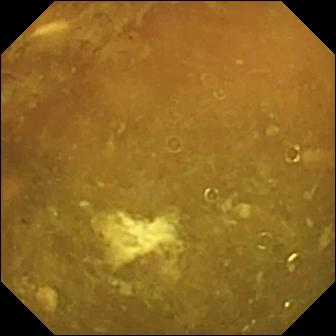PROCEDURE: Video capsule endoscopy.
SEGMENT: Small intestine.
FINDINGS: Reduced mucosal view (content or bubbles obscuring the mucosa).